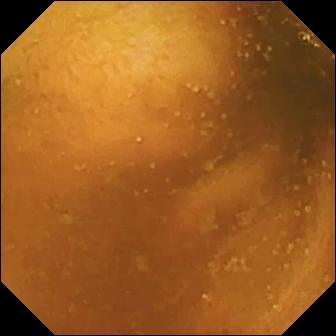Normal clean mucosa — WCE snapshot of the small bowel.